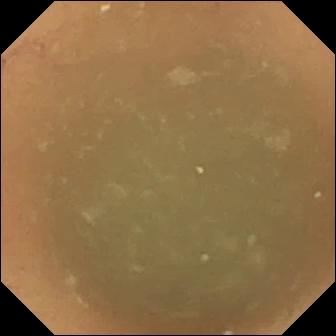Small-bowel capsule endoscopy frame. Normal clean mucosa.